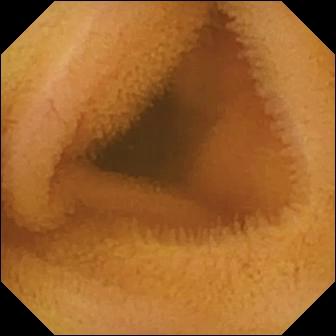PROCEDURE: Wireless capsule endoscopy.
FINDINGS: Normal clean mucosa.